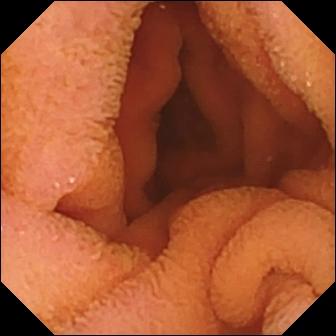Normal clean mucosa — video capsule endoscopy frame of the small intestine.